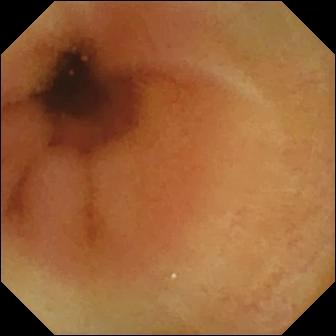WCE view. Normal clean mucosa.